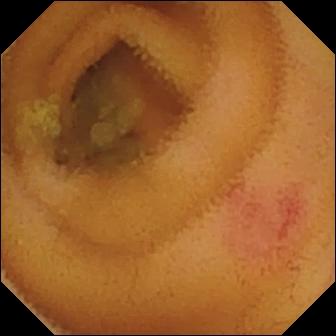Wireless capsule endoscopy still showing angiectasia.